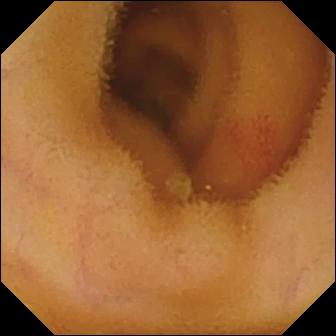PROCEDURE: VCE.
FINDINGS: Angiectasia.